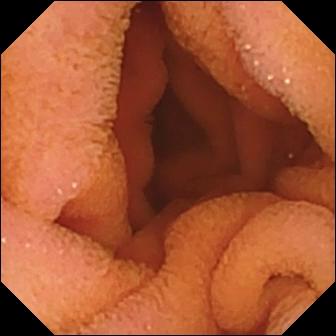Normal clean mucosa.